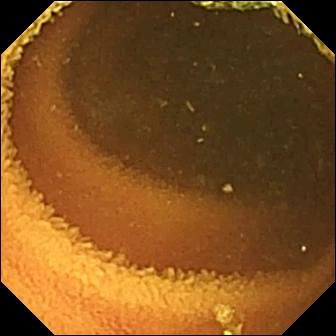VCE image, small intestine
Finding: normal clean mucosa